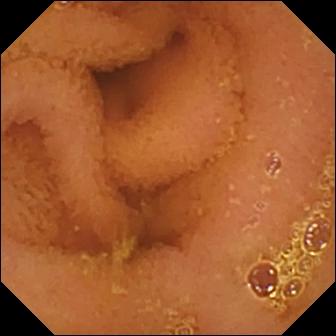Wireless capsule endoscopy. Observation: normal clean mucosa.